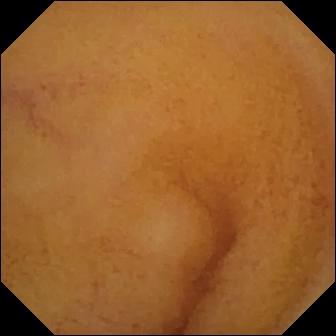Small-bowel capsule endoscopy — normal clean mucosa.